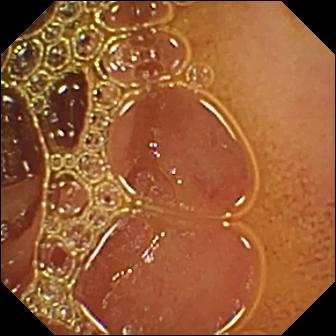Normal clean mucosa — wireless capsule endoscopy view.